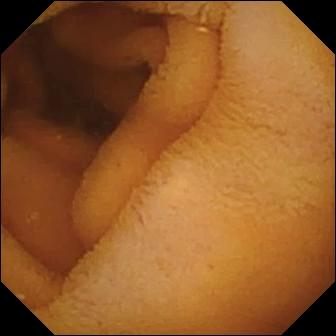Normal clean mucosa — video capsule endoscopy view of the small bowel.